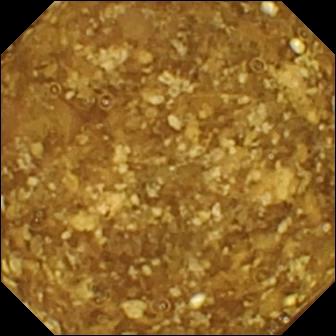modality: VCE; category: luminal finding; observation: reduced mucosal view (content or bubbles obscuring the mucosa)